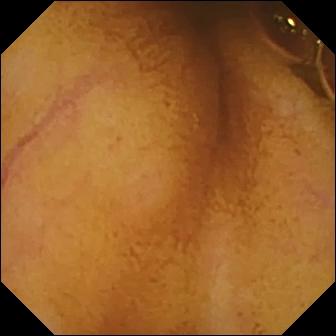Video capsule endoscopy snapshot of the small bowel showing normal clean mucosa.